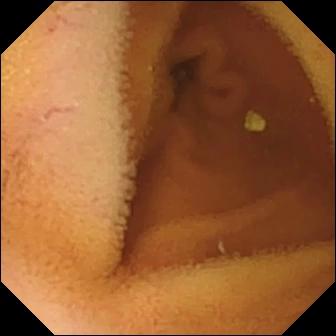This small-bowel capsule endoscopy image shows normal clean mucosa.